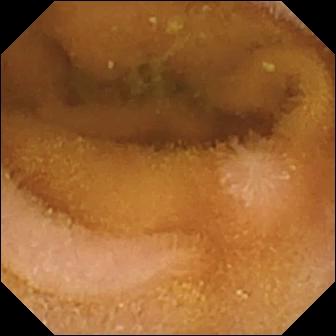WCE. Luminal finding. Observation: normal clean mucosa.